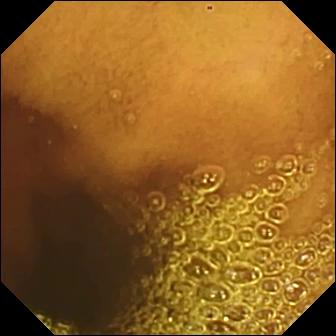Small-bowel capsule endoscopy frame, small intestine
Finding: normal clean mucosa